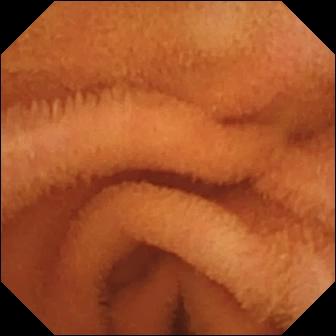Normal clean mucosa (336×336).